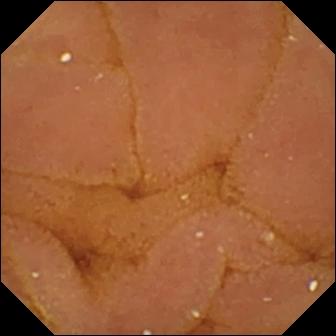PROCEDURE: Wireless capsule endoscopy.
FINDINGS: Normal clean mucosa.